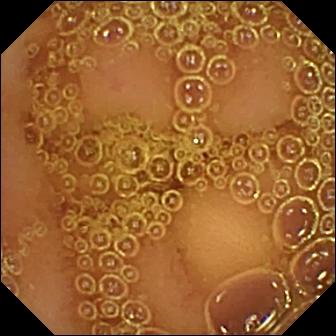Q: What does this video capsule endoscopy still show?
A: Normal clean mucosa.